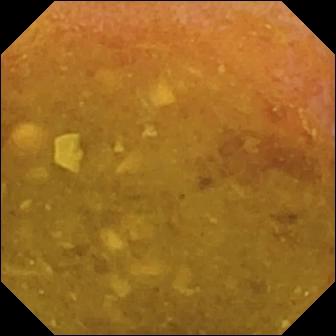modality: wireless capsule endoscopy | category: luminal finding | observation: reduced mucosal view (content or bubbles obscuring the mucosa)